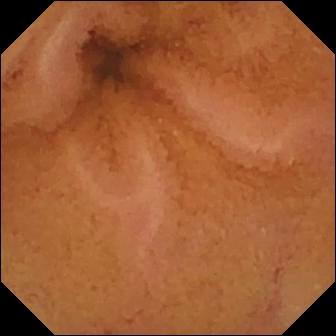- modality: WCE
- finding: normal clean mucosa